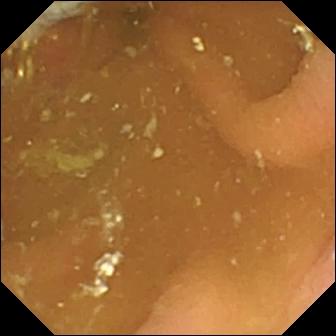modality: video capsule endoscopy; video segment: pylorus region (the junction between the stomach and the small bowel)